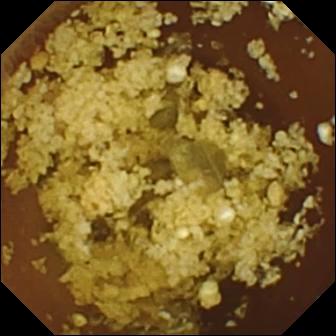Video capsule endoscopy image, 336×336. Normal clean mucosa.